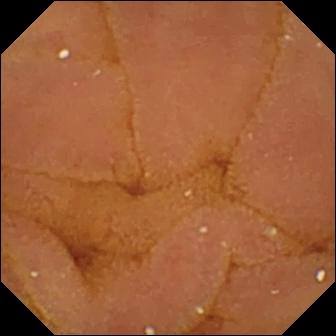Normal clean mucosa (336×336).